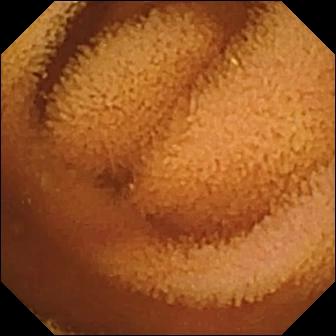- modality: WCE
- category: luminal finding
- finding: normal clean mucosa